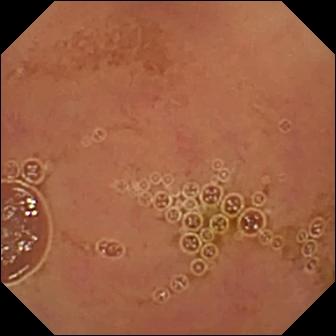Q: What does this video capsule endoscopy image show?
A: Normal clean mucosa.